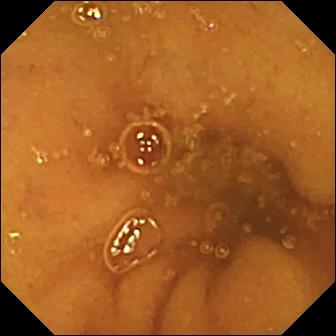Normal clean mucosa — capsule endoscopy view.